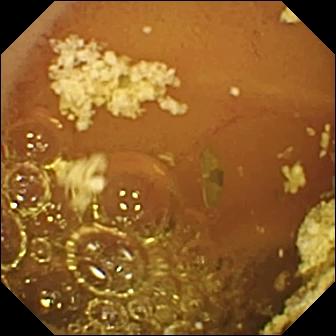PROCEDURE: Video capsule endoscopy.
SEGMENT: Small intestine.
FINDINGS: Normal clean mucosa.